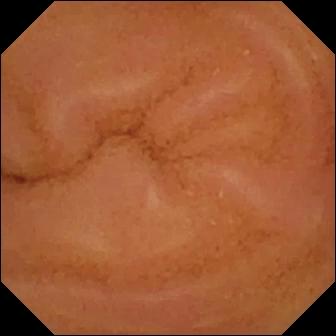Normal clean mucosa — small-bowel capsule endoscopy snapshot.